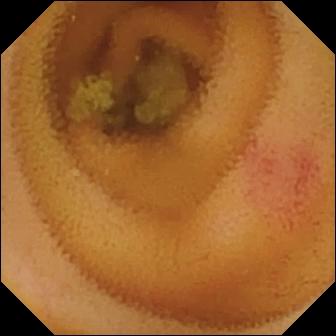Small-bowel capsule endoscopy view
Label: angiectasia